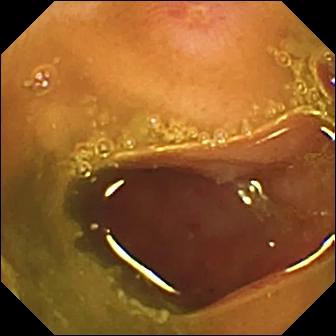Ulcer.